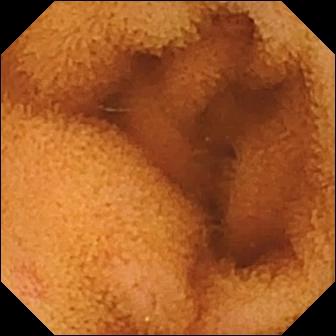modality: WCE | impression: normal clean mucosa